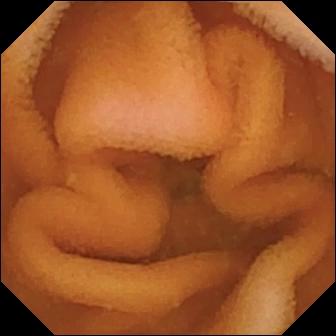VCE — normal clean mucosa.